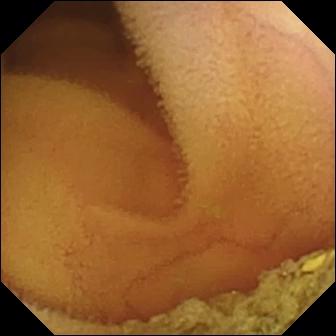Capsule endoscopy snapshot (small bowel). Normal clean mucosa.